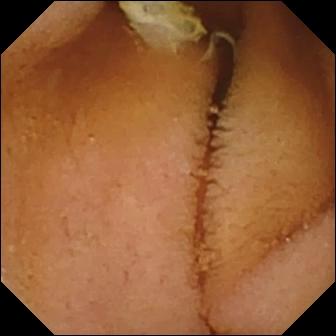{"modality": "capsule endoscopy", "segment": "small intestine", "category": "luminal finding", "finding": "normal clean mucosa"}